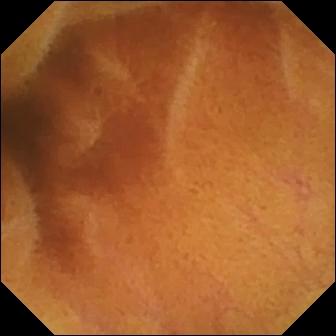Small-bowel capsule endoscopy image. Normal clean mucosa.